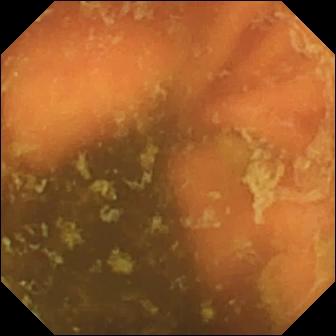PROCEDURE: Capsule endoscopy.
LABEL: Ileo-cecal valve region (the transition from the small bowel to the large bowel).